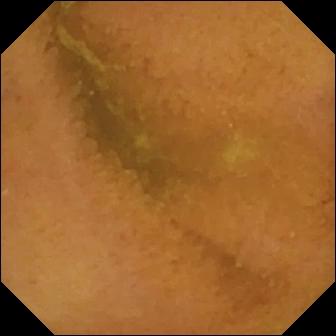Normal clean mucosa (336×336).